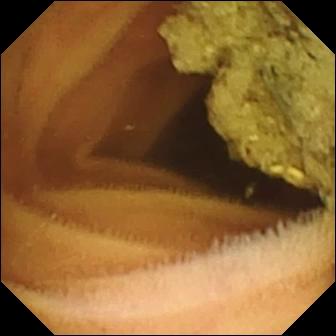VCE frame. Normal clean mucosa.